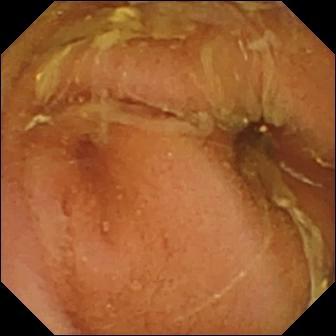WCE view (small intestine), 336×336. Normal clean mucosa.